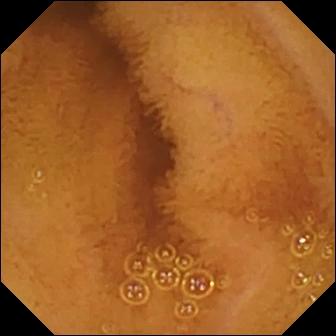Q: What does this video capsule endoscopy view of the small intestine show?
A: Normal clean mucosa.